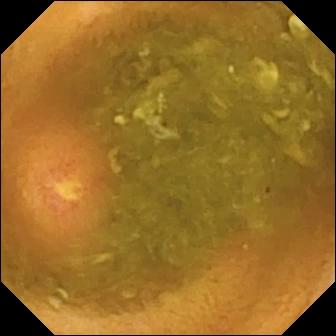Q: What does this small-bowel capsule endoscopy snapshot show?
A: Ulcer.